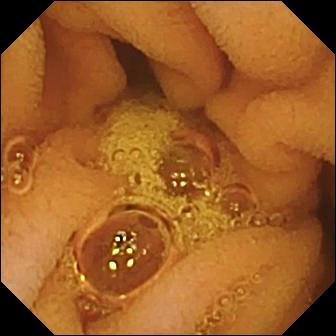- modality: wireless capsule endoscopy
- segment: small intestine
- finding: normal clean mucosa